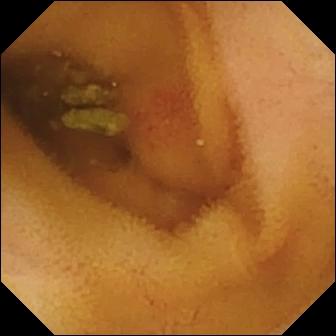PROCEDURE: Capsule endoscopy.
FINDINGS: Angiectasia.